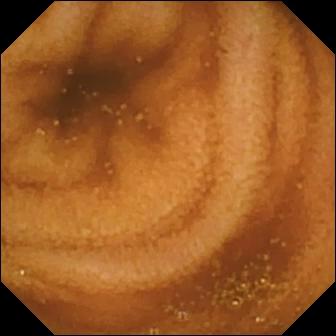Normal clean mucosa.